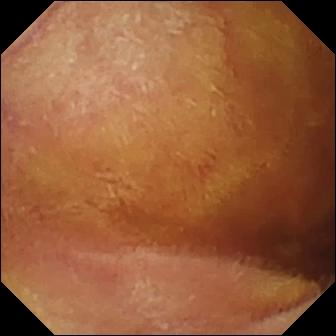Q: What does this video capsule endoscopy image show?
A: Normal clean mucosa.